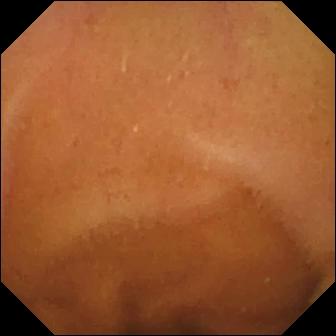VCE — normal clean mucosa.